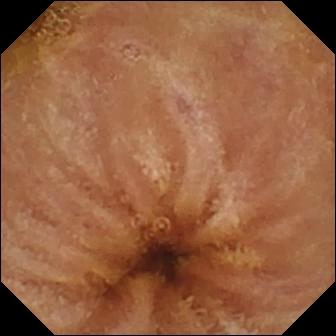Video capsule endoscopy still
Impression: normal clean mucosa